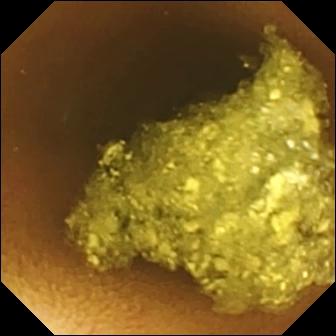Video capsule endoscopy frame. Normal clean mucosa.